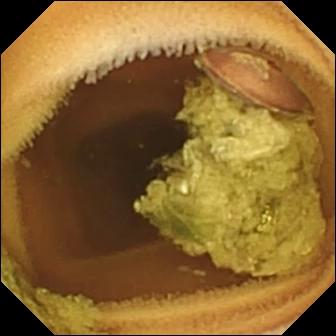modality: VCE; impression: normal clean mucosa